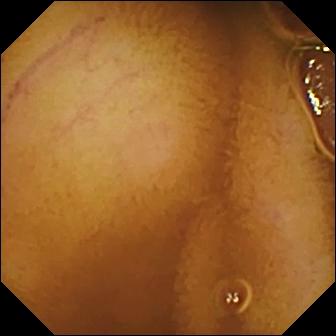Small-bowel capsule endoscopy snapshot
Finding: normal clean mucosa